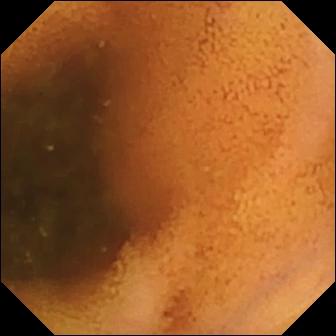Wireless capsule endoscopy image showing normal clean mucosa.